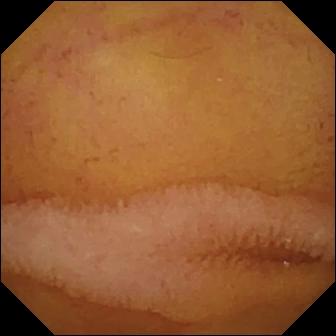{"modality": "capsule endoscopy", "segment": "small intestine", "finding": "normal clean mucosa"}